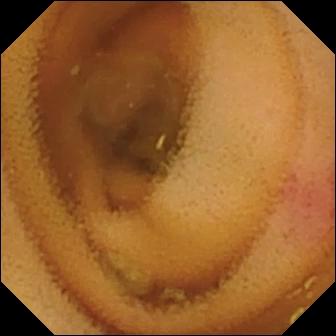Angiectasia — VCE frame.